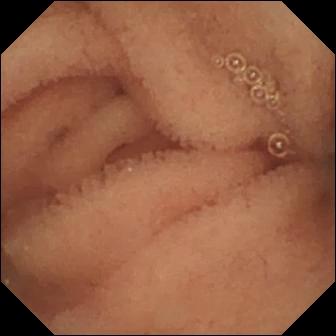Normal clean mucosa.